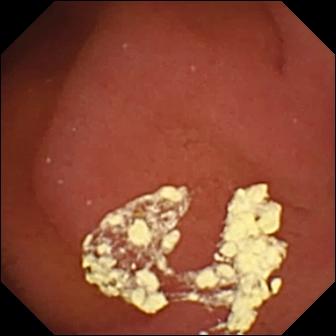Pylorus region (the junction between the stomach and the small bowel) — video capsule endoscopy snapshot.